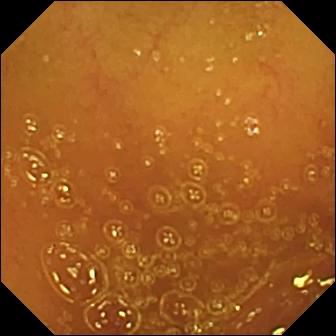Normal clean mucosa (336×336).